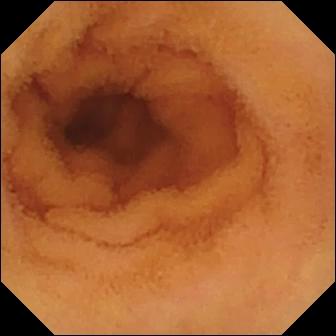Q: What does this VCE still show?
A: Normal clean mucosa.